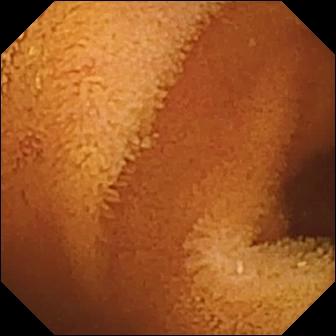This capsule endoscopy view shows normal clean mucosa.